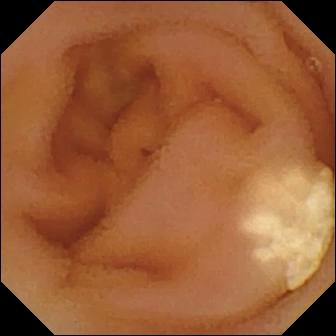modality: video capsule endoscopy | category: luminal finding | label: lymphangiectasia